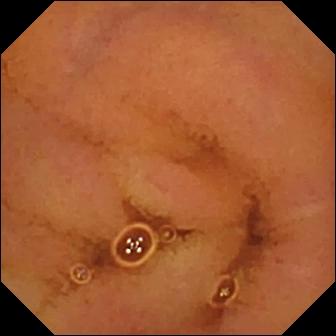Wireless capsule endoscopy view
Label: normal clean mucosa